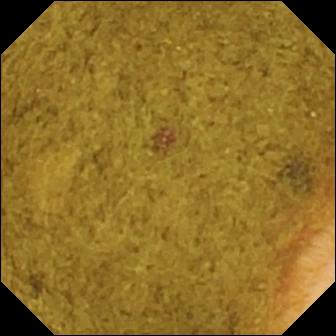Video capsule endoscopy still
Video segment: ileo-cecal valve region